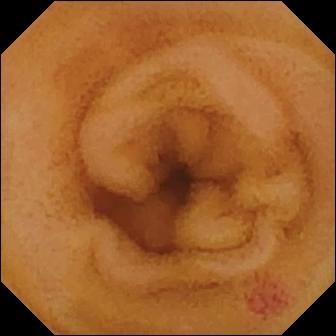- modality: capsule endoscopy
- finding: angiectasia